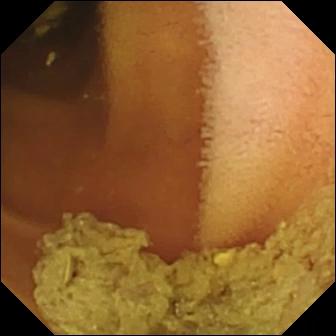VCE still. Normal clean mucosa.